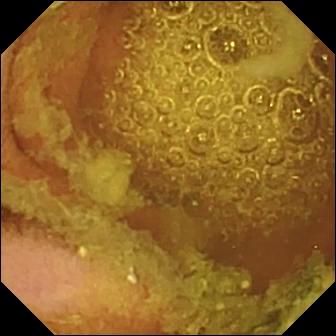VCE still
Finding: normal clean mucosa